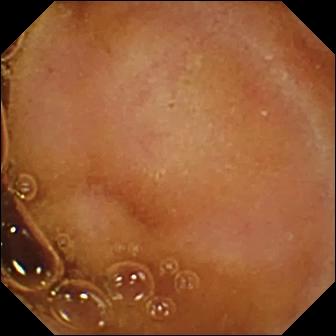Normal clean mucosa — wireless capsule endoscopy still of the small intestine.